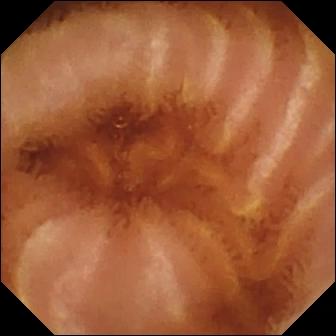Capsule endoscopy still of the small bowel showing normal clean mucosa.